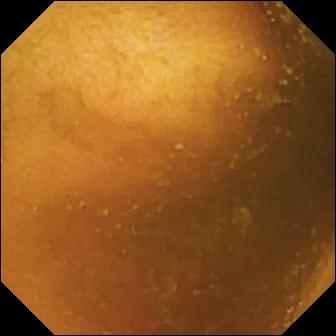PROCEDURE: VCE.
FINDINGS: Normal clean mucosa.